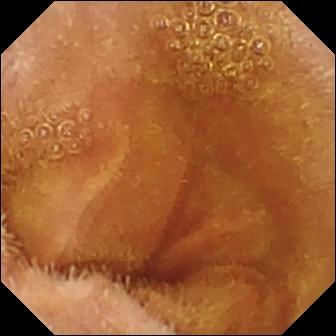Wireless capsule endoscopy frame. Normal clean mucosa.